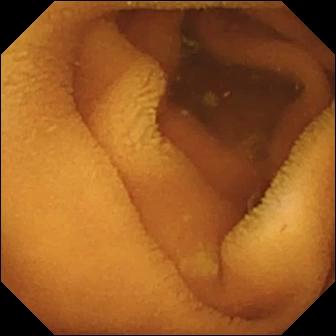- modality: video capsule endoscopy
- observation: normal clean mucosa